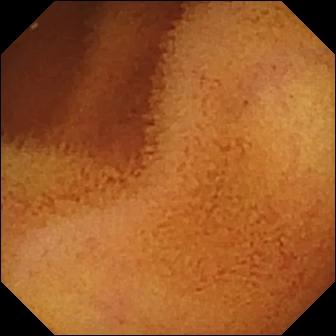Wireless capsule endoscopy view (small intestine), 336×336. Normal clean mucosa.